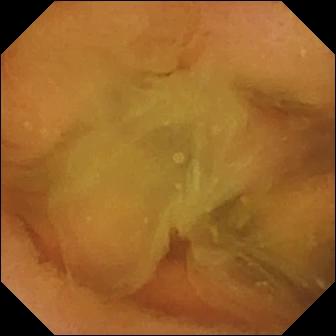- modality: VCE
- segment: small intestine
- impression: normal clean mucosa